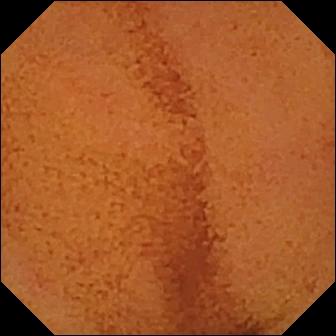modality: small-bowel capsule endoscopy
category: luminal finding
label: normal clean mucosa